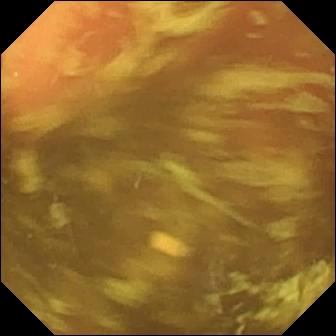Ileo-cecal valve region (where the capsule passes from the small bowel into the large bowel) — VCE frame.